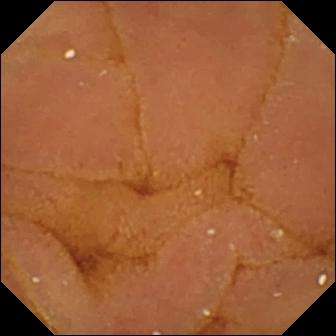WCE view showing normal clean mucosa.